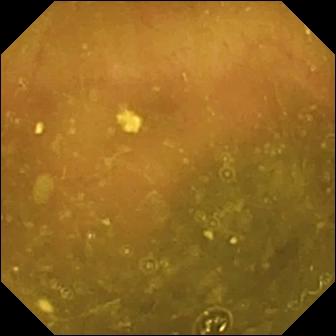This VCE snapshot was taken in the ileo-cecal valve region.